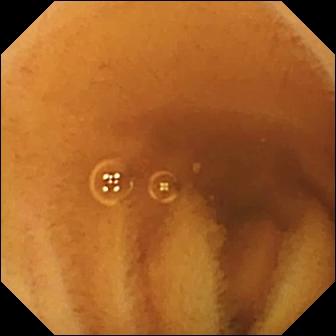Capsule endoscopy frame, small intestine
Impression: normal clean mucosa